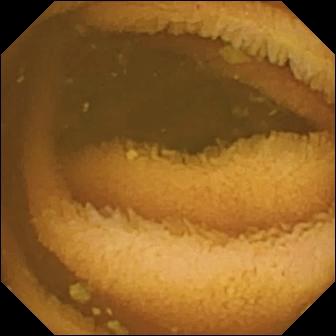Normal clean mucosa — video capsule endoscopy still of the small intestine.